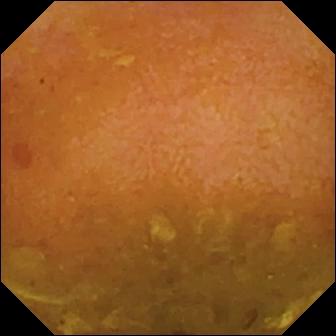WCE view (small intestine). Reduced mucosal view (content or bubbles obscuring the mucosa).